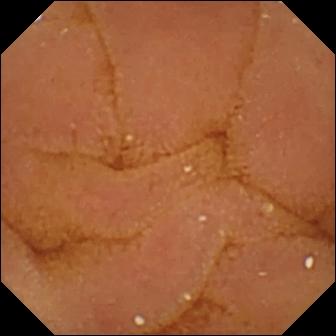Normal clean mucosa — wireless capsule endoscopy snapshot of the small intestine.